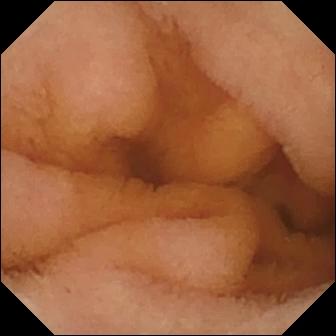modality: wireless capsule endoscopy | observation: normal clean mucosa